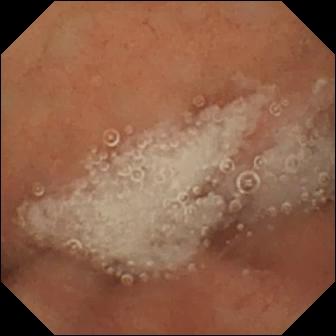Wireless capsule endoscopy. Small intestine. Luminal finding. Finding: normal clean mucosa.